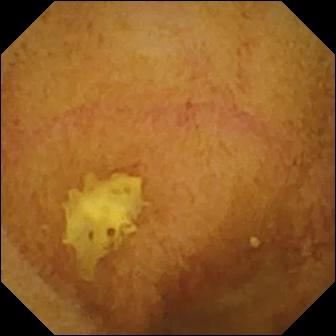Wireless capsule endoscopy image of the small bowel showing normal clean mucosa.